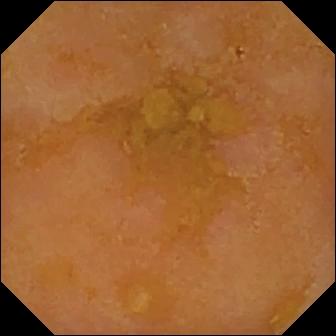Small-bowel capsule endoscopy snapshot. Reduced mucosal view (content or bubbles obscuring the mucosa).